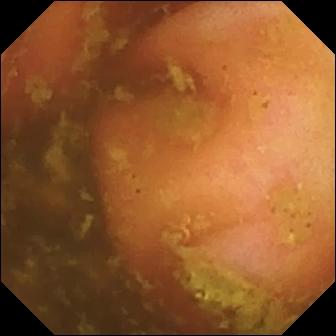Q: Where in the digestive tract was this video capsule endoscopy image taken?
A: Ileo-cecal valve region (the transition from the small bowel to the large bowel).